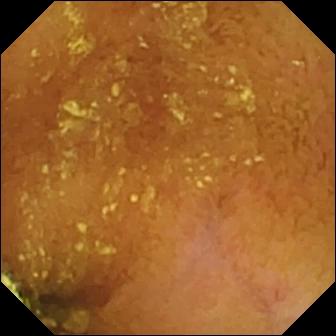This video capsule endoscopy frame of the small intestine shows normal clean mucosa.